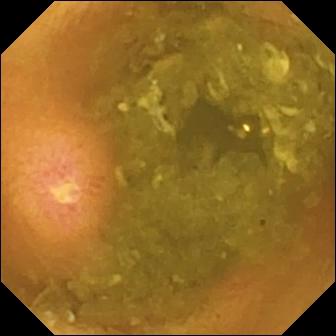Ulcer.